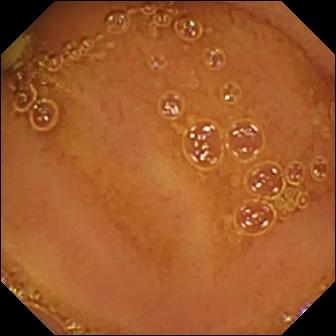- modality: small-bowel capsule endoscopy
- segment: small intestine
- label: normal clean mucosa